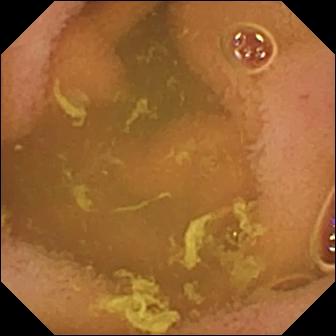This wireless capsule endoscopy frame of the small bowel shows normal clean mucosa.